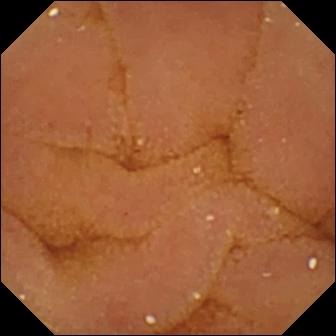Normal clean mucosa — small-bowel capsule endoscopy still of the small bowel.